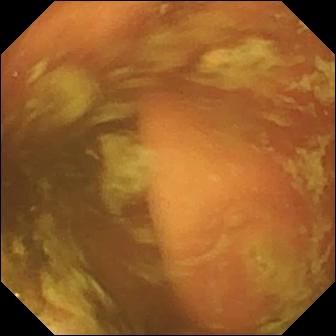Small-bowel capsule endoscopy still
Position: ileo-cecal valve region (where the capsule passes from the small bowel into the large bowel)